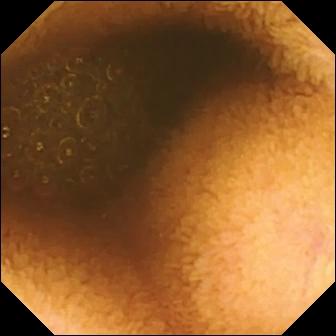{"modality": "video capsule endoscopy", "category": "luminal finding", "finding": "reduced mucosal view (content or bubbles obscuring the mucosa)"}